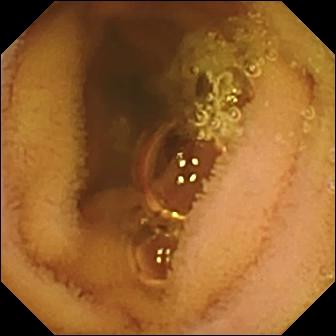Normal clean mucosa.